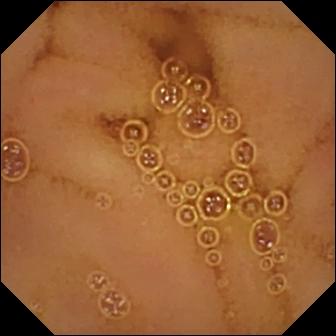WCE view, 336×336. Normal clean mucosa.